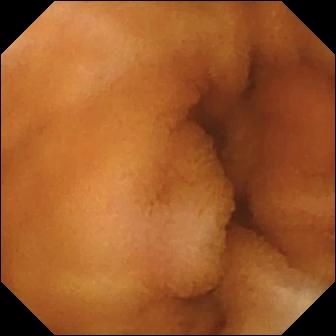Wireless capsule endoscopy frame of the small intestine showing normal clean mucosa.